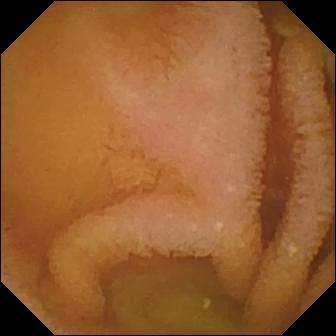Normal clean mucosa — wireless capsule endoscopy frame of the small bowel.